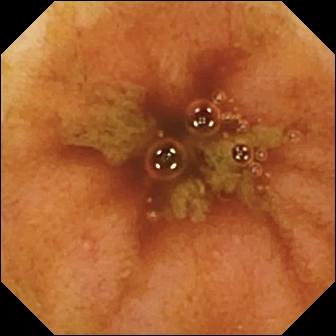Video capsule endoscopy view
Label: ileo-cecal valve region (where the capsule passes from the small bowel into the large bowel)